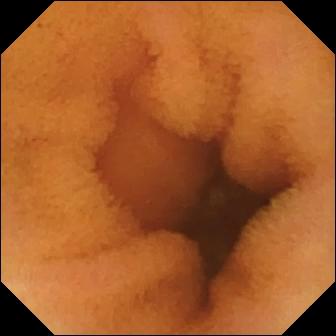Capsule endoscopy. Small intestine. Label: normal clean mucosa.